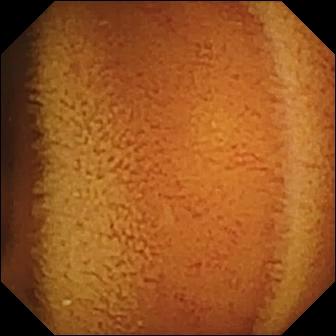Normal clean mucosa.